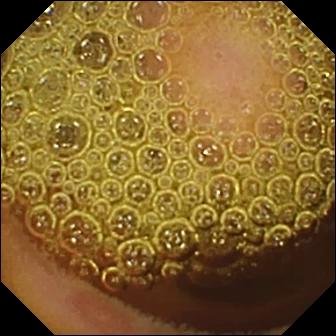VCE — erosion.